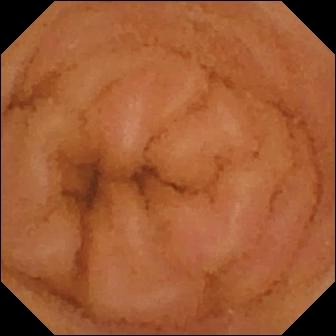- modality: capsule endoscopy
- segment: small intestine
- category: luminal finding
- finding: normal clean mucosa